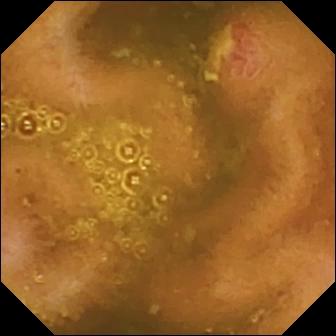- modality: capsule endoscopy
- impression: ulcer